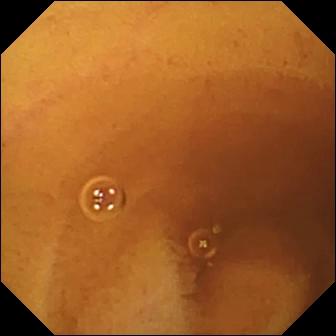Capsule endoscopy still showing normal clean mucosa.